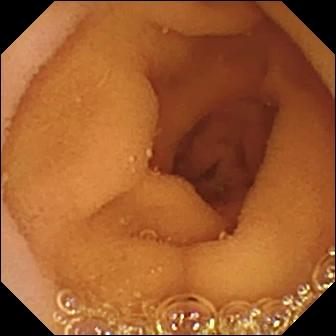Normal clean mucosa — VCE image.